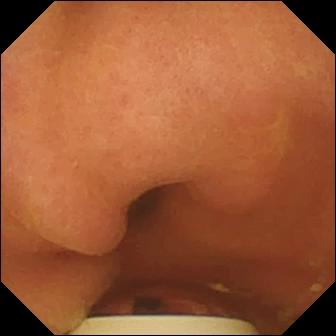WCE snapshot showing foreign body (e.g. retained capsule, tablet residue).